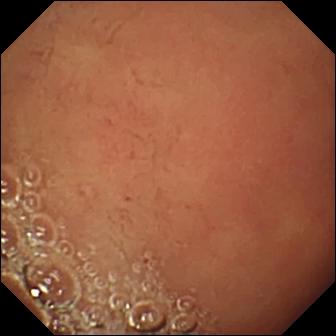Video capsule endoscopy. Near an anatomical landmark. Position: pylorus region (the junction between the stomach and the small bowel).